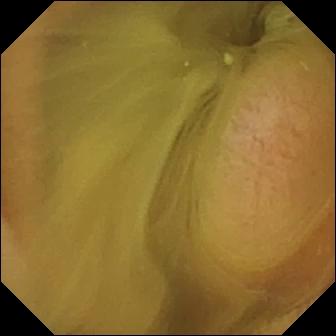modality: VCE; observation: normal clean mucosa